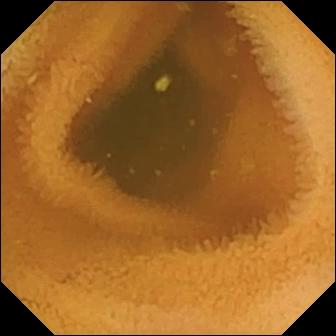Capsule endoscopy view showing normal clean mucosa.